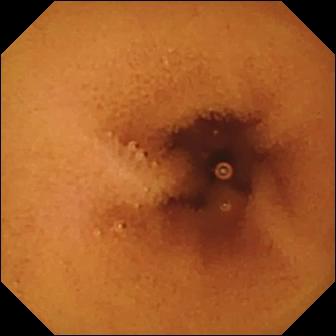Normal clean mucosa (336×336).